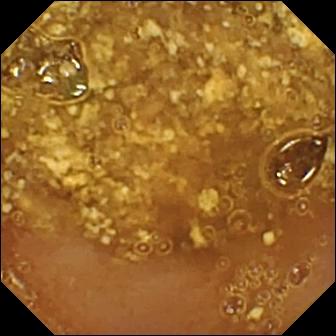VCE still of the small bowel showing reduced mucosal view (content or bubbles obscuring the mucosa).